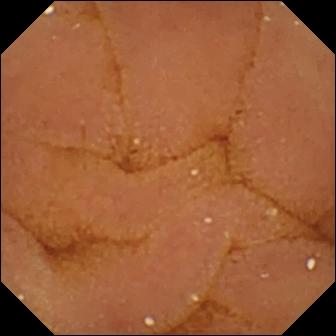VCE still showing normal clean mucosa.